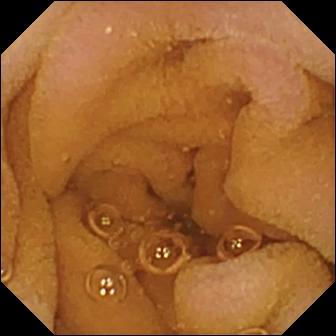This capsule endoscopy view shows normal clean mucosa.